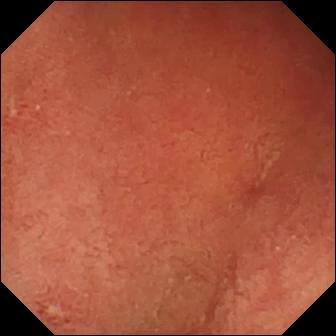- modality: WCE
- category: anatomical landmark
- label: pylorus region (the junction between the stomach and the small bowel)